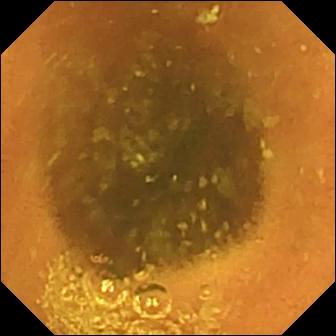modality: video capsule endoscopy | segment: small intestine | observation: normal clean mucosa